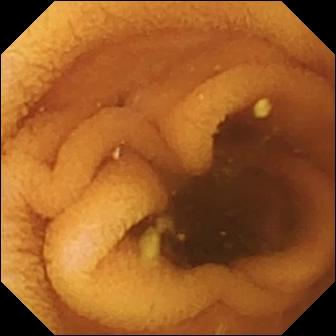{"modality": "VCE", "category": "luminal finding", "finding": "normal clean mucosa"}